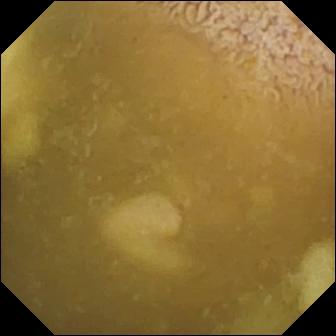Wireless capsule endoscopy frame. Taken in the ileo-cecal valve region (the transition from the small bowel to the large bowel).